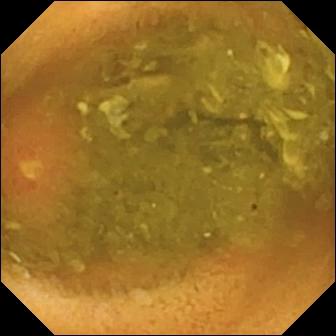Q: What does this capsule endoscopy still show?
A: Ulcer.